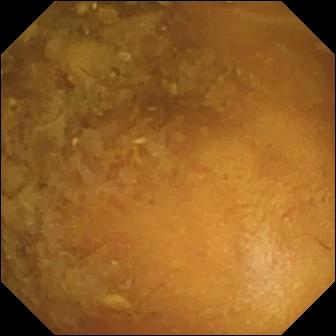PROCEDURE: VCE.
FINDINGS: Reduced mucosal view (content or bubbles obscuring the mucosa).